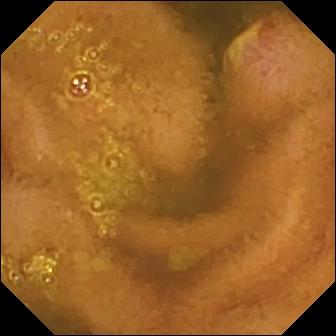- modality: video capsule endoscopy
- finding: ulcer